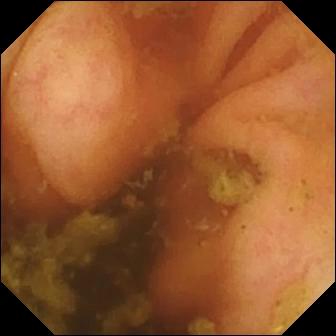VCE. Location: ileo-cecal valve region.